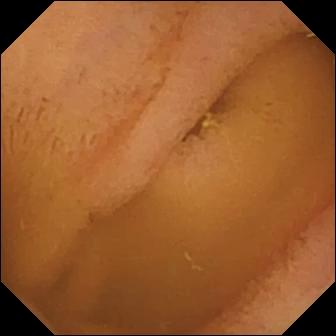PROCEDURE: Wireless capsule endoscopy.
SEGMENT: Small intestine.
FINDINGS: Normal clean mucosa.